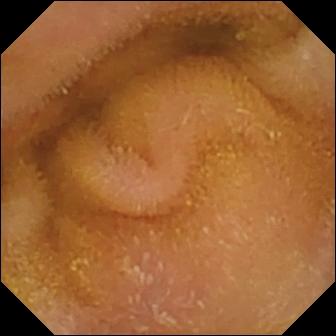Capsule endoscopy view (small bowel). Normal clean mucosa.